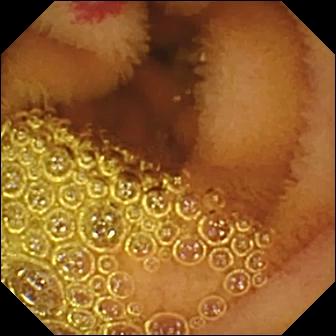modality: WCE | category: luminal finding | label: angiectasia